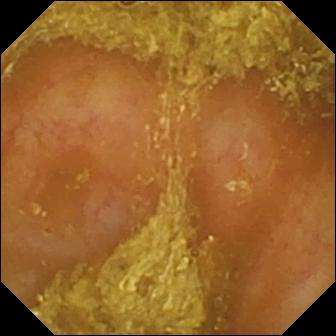Q: What does this small-bowel capsule endoscopy snapshot show?
A: Reduced mucosal view (content or bubbles obscuring the mucosa).